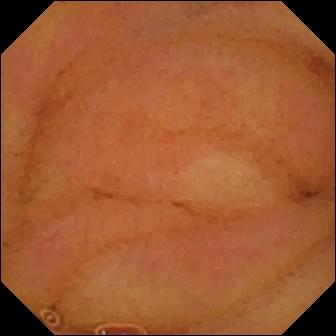Q: What does this VCE snapshot of the small bowel show?
A: Normal clean mucosa.